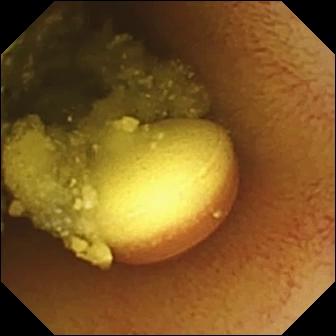Wireless capsule endoscopy still
Impression: foreign body (e.g. retained capsule, tablet residue)